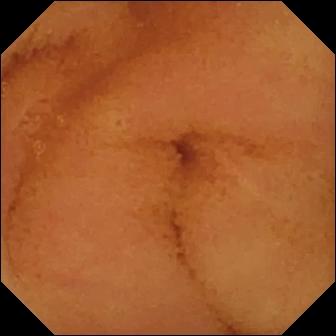VCE snapshot
Observation: normal clean mucosa